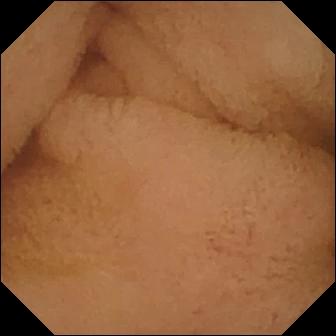modality: wireless capsule endoscopy; category: anatomical landmark; location: pylorus region